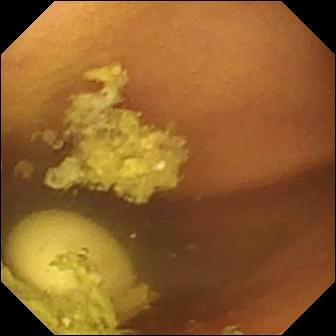Small-bowel capsule endoscopy still showing foreign body (e.g. retained capsule, tablet residue).